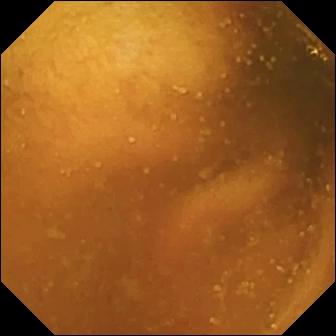{"modality": "small-bowel capsule endoscopy", "segment": "small intestine", "finding": "normal clean mucosa"}